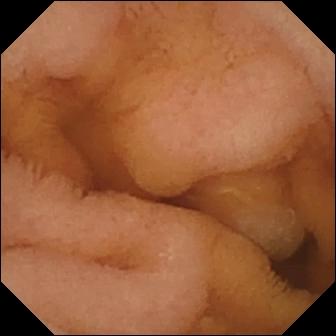Video capsule endoscopy — normal clean mucosa.